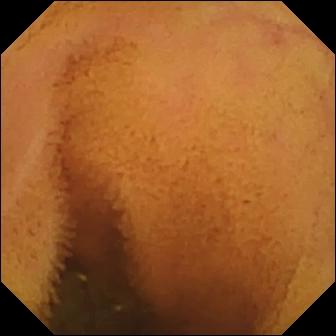Normal clean mucosa — small-bowel capsule endoscopy frame.